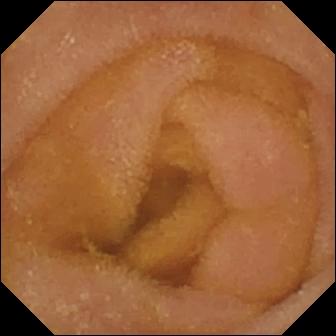Small-bowel capsule endoscopy frame showing normal clean mucosa.